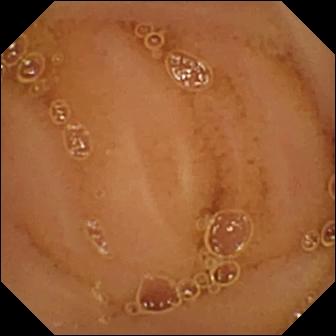Capsule endoscopy — normal clean mucosa.